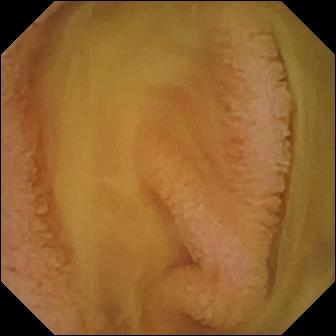PROCEDURE: Small-bowel capsule endoscopy.
FINDINGS: Normal clean mucosa.